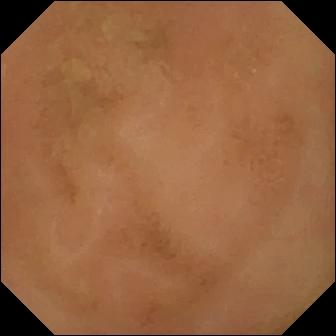Video capsule endoscopy snapshot
Finding: normal clean mucosa